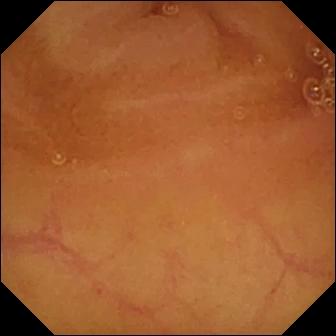{"modality": "capsule endoscopy", "segment": "small intestine", "category": "luminal finding", "finding": "normal clean mucosa"}